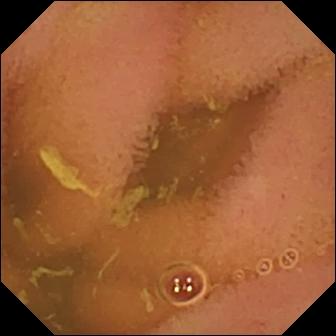WCE frame, small bowel
Observation: normal clean mucosa